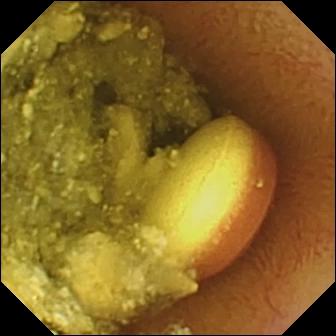Foreign body (e.g. retained capsule, tablet residue) — small-bowel capsule endoscopy still.